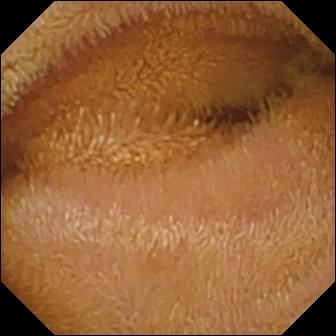Capsule endoscopy — normal clean mucosa.